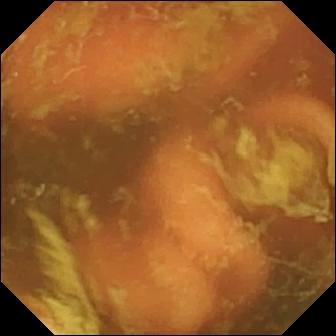WCE — ileo-cecal valve region (the transition from the small bowel to the large bowel).